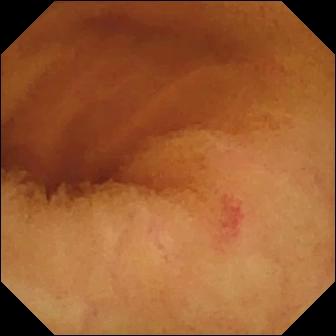VCE. Luminal finding. Observation: angiectasia.